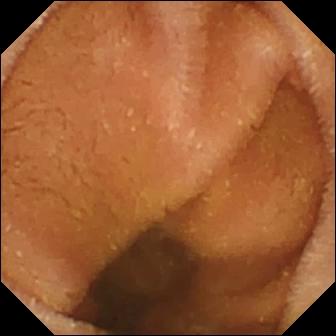Normal clean mucosa — VCE still of the small intestine.